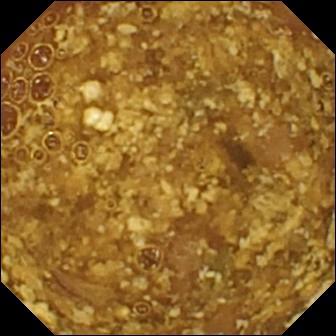- modality: capsule endoscopy
- segment: small bowel
- observation: reduced mucosal view (content or bubbles obscuring the mucosa)